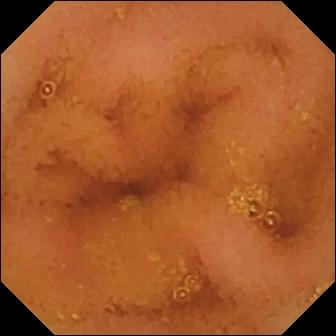{"modality": "capsule endoscopy", "finding": "normal clean mucosa"}